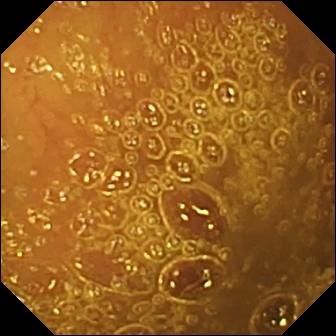{"modality": "wireless capsule endoscopy", "category": "luminal finding", "finding": "normal clean mucosa"}